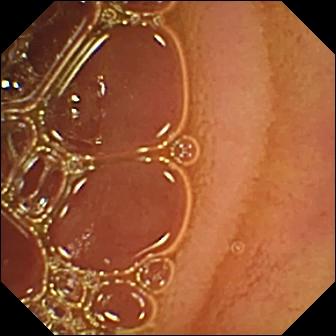modality: WCE
segment: small intestine
label: normal clean mucosa